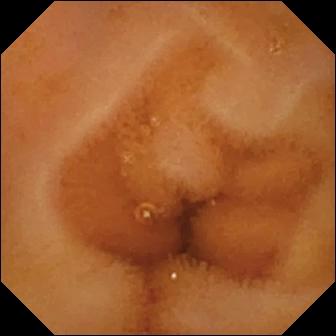{"modality": "capsule endoscopy", "finding": "normal clean mucosa"}